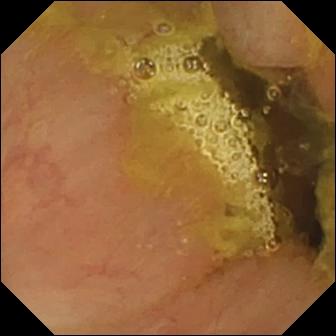Ileo-cecal valve region (where the capsule passes from the small bowel into the large bowel).